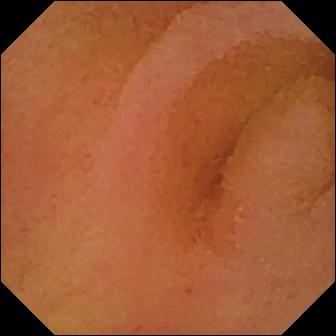modality: VCE
finding: normal clean mucosa